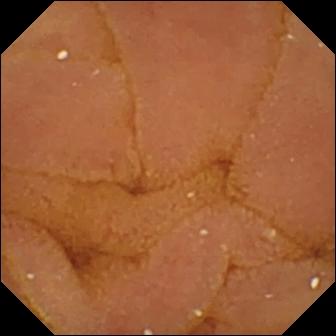modality: small-bowel capsule endoscopy
segment: small bowel
finding: normal clean mucosa